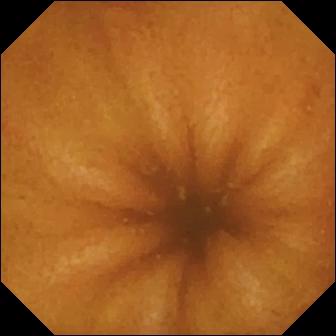{"modality": "VCE", "segment": "small intestine", "finding": "normal clean mucosa"}